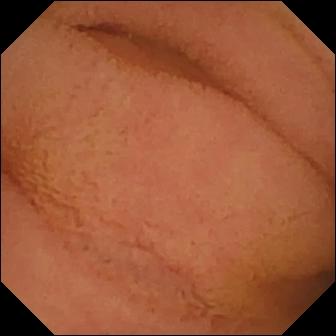- modality: video capsule endoscopy
- label: normal clean mucosa